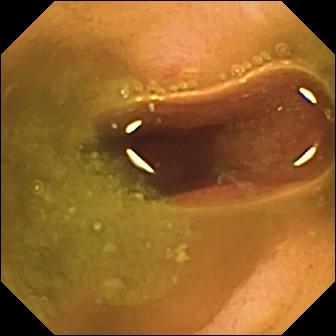WCE — ulcer.